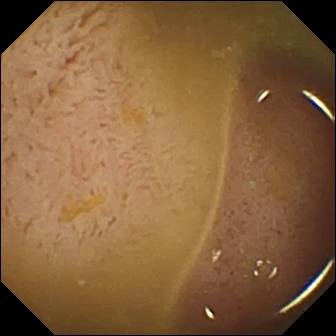Q: Where in the digestive tract was this capsule endoscopy frame taken?
A: Ileo-cecal valve region.